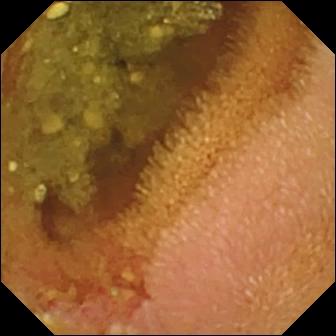- modality: capsule endoscopy
- label: erosion